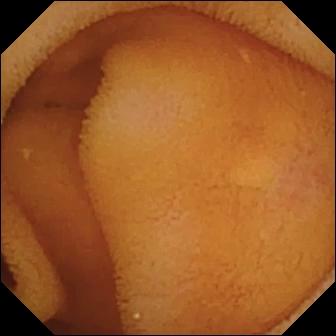VCE frame (small bowel). Normal clean mucosa.